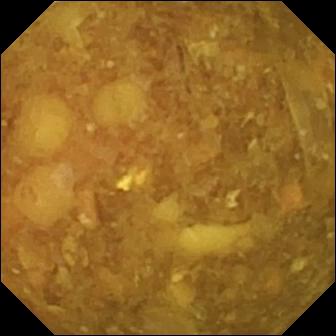VCE snapshot showing reduced mucosal view (content or bubbles obscuring the mucosa).